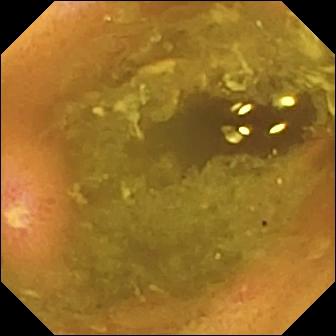{"modality": "wireless capsule endoscopy", "finding": "ulcer"}